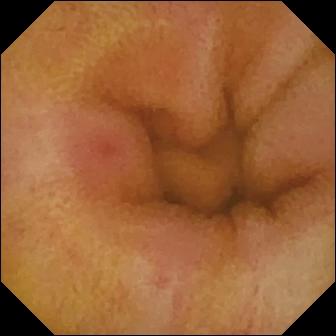Erythema (mucosal redness) — VCE still.